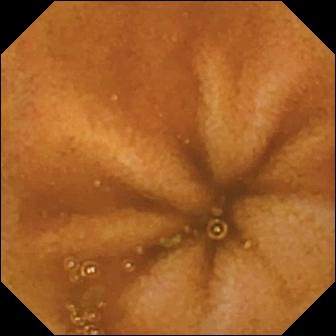{"modality": "capsule endoscopy", "finding": "normal clean mucosa"}